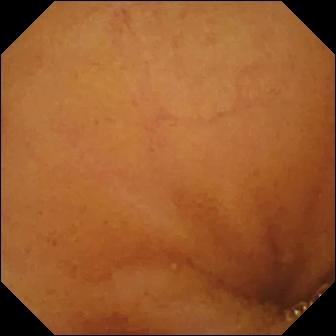Normal clean mucosa — capsule endoscopy view of the small bowel.